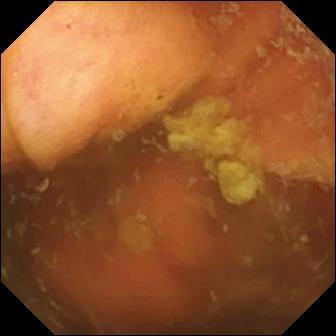- modality: VCE
- position: ileo-cecal valve region